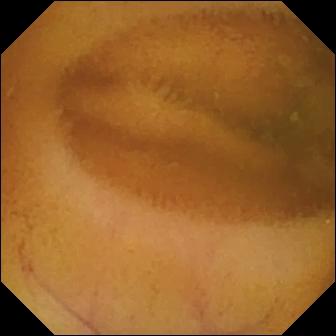Wireless capsule endoscopy image (small intestine). Normal clean mucosa.